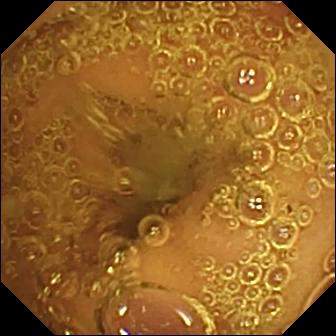Capsule endoscopy — normal clean mucosa.